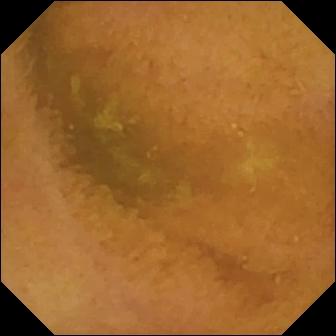Small-bowel capsule endoscopy — normal clean mucosa.